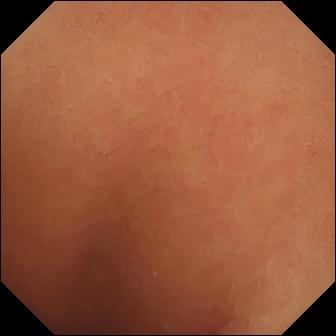modality: video capsule endoscopy
impression: normal clean mucosa